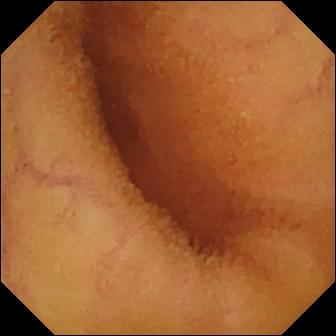- modality: VCE
- impression: normal clean mucosa